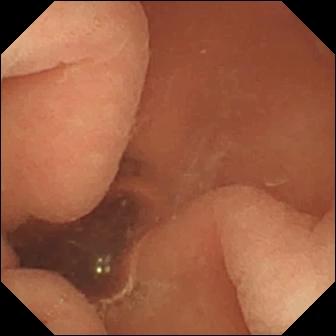Small-bowel capsule endoscopy — normal clean mucosa.